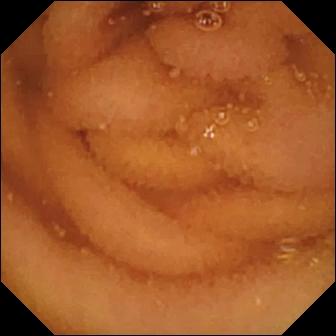Wireless capsule endoscopy image (small bowel). Normal clean mucosa.